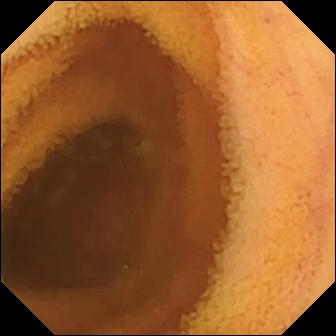Capsule endoscopy image (small intestine). Normal clean mucosa.